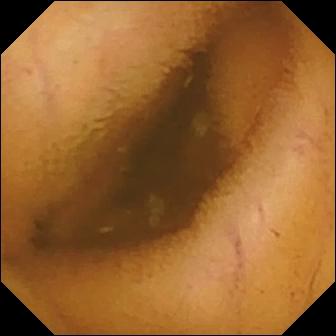Video capsule endoscopy. Label: normal clean mucosa.